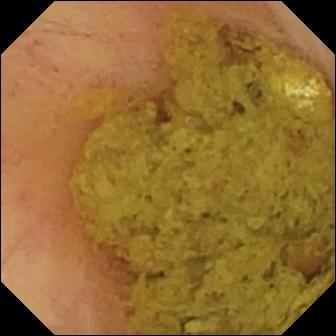modality: wireless capsule endoscopy; label: ileo-cecal valve region (the transition from the small bowel to the large bowel)